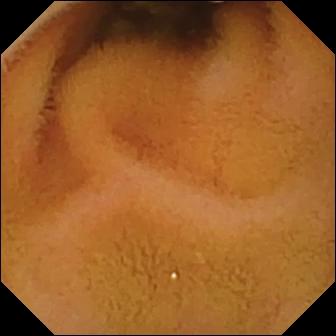modality: WCE | observation: normal clean mucosa